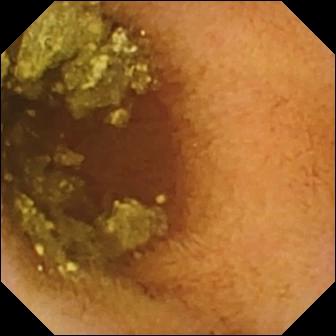Wireless capsule endoscopy frame showing normal clean mucosa.